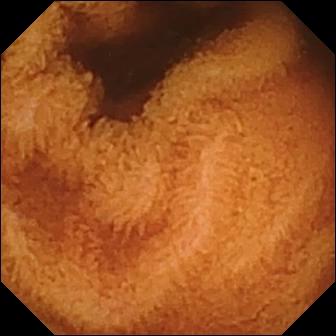Q: What does this WCE snapshot of the small bowel show?
A: Normal clean mucosa.